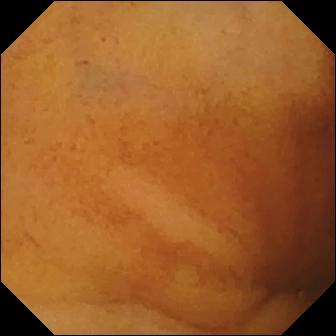Normal clean mucosa — VCE view.